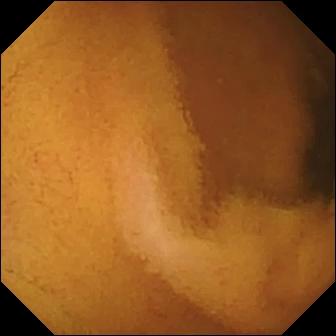Small-bowel capsule endoscopy — normal clean mucosa.